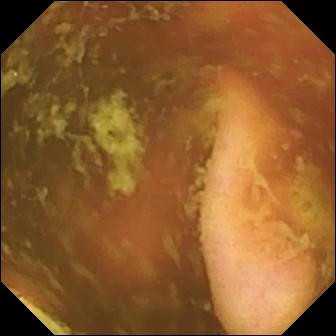modality: small-bowel capsule endoscopy; label: ileo-cecal valve region